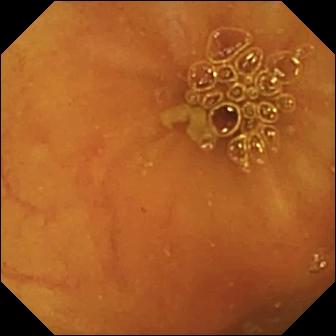Small-bowel capsule endoscopy snapshot
Position: ileo-cecal valve region (where the capsule passes from the small bowel into the large bowel)